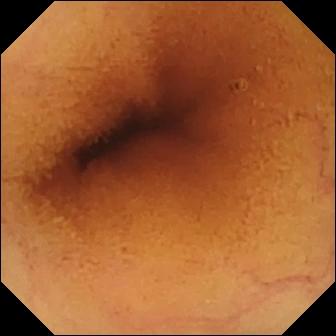WCE. Small intestine. Luminal finding. Observation: normal clean mucosa.